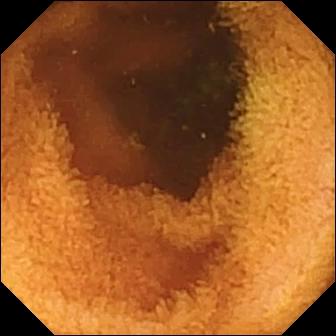PROCEDURE: Wireless capsule endoscopy.
FINDINGS: Normal clean mucosa.